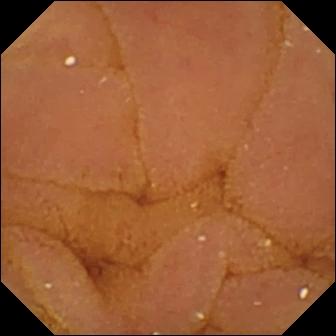This small-bowel capsule endoscopy snapshot shows normal clean mucosa.